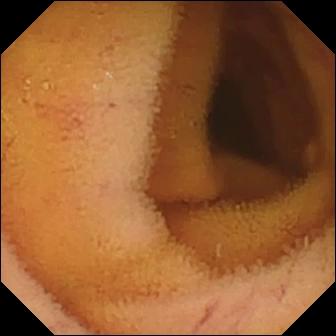{"modality": "capsule endoscopy", "segment": "small bowel", "category": "luminal finding", "finding": "normal clean mucosa"}